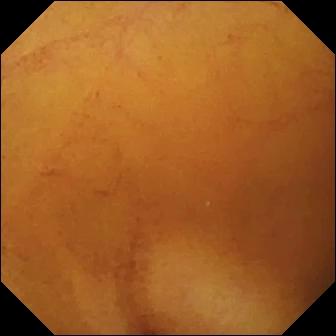Wireless capsule endoscopy still of the small intestine showing normal clean mucosa.